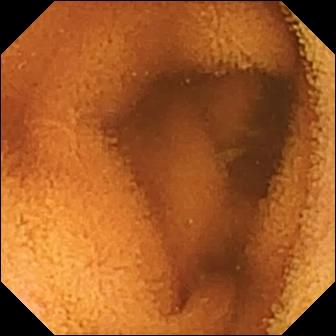modality: capsule endoscopy
segment: small intestine
label: normal clean mucosa